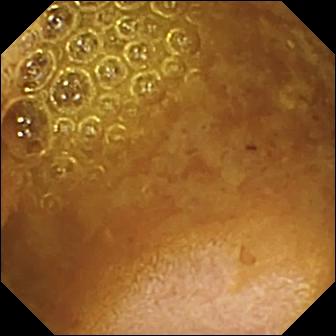This WCE view of the small intestine shows reduced mucosal view (content or bubbles obscuring the mucosa).